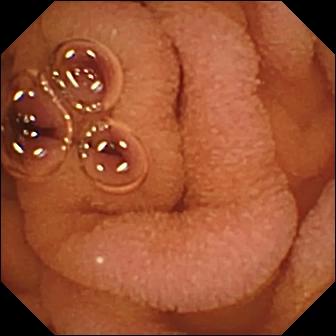modality: capsule endoscopy | segment: small intestine | observation: normal clean mucosa